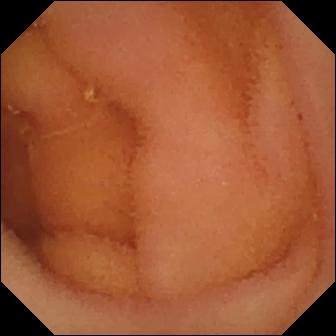Capsule endoscopy — normal clean mucosa.